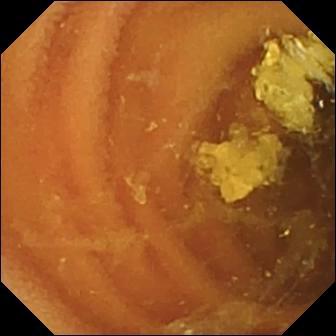- modality: VCE
- observation: normal clean mucosa